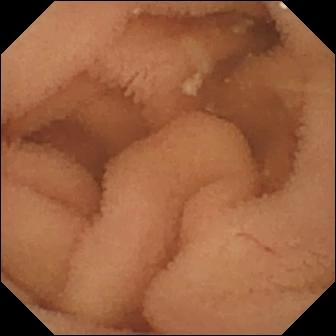Wireless capsule endoscopy. Observation: normal clean mucosa.